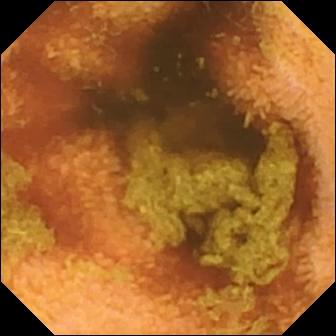Normal clean mucosa — wireless capsule endoscopy still.